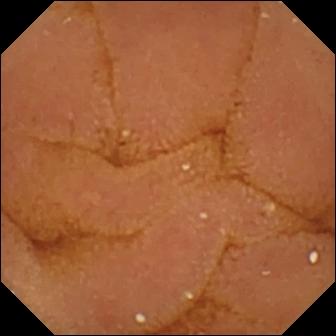modality: WCE
impression: normal clean mucosa